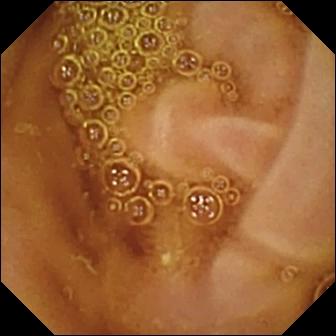This WCE view of the small intestine shows normal clean mucosa.